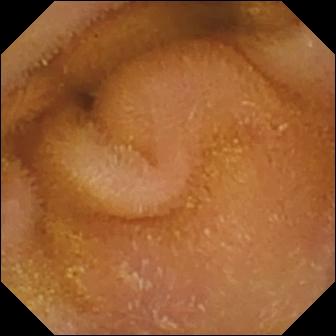Q: What does this WCE view show?
A: Normal clean mucosa.